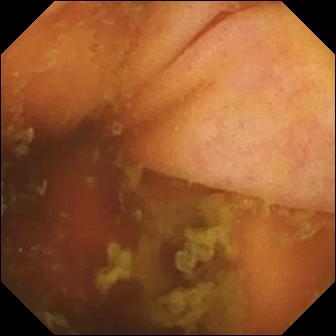VCE. Position: ileo-cecal valve region (where the capsule passes from the small bowel into the large bowel).